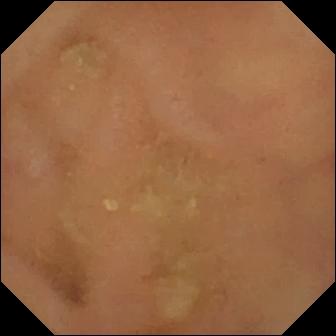modality: wireless capsule endoscopy
segment: small intestine
observation: normal clean mucosa